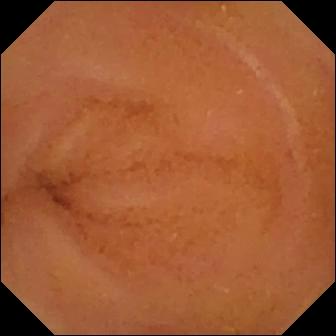Q: What does this small-bowel capsule endoscopy frame of the small intestine show?
A: Normal clean mucosa.